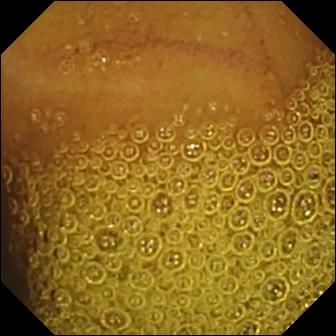Capsule endoscopy view (small bowel). Normal clean mucosa.